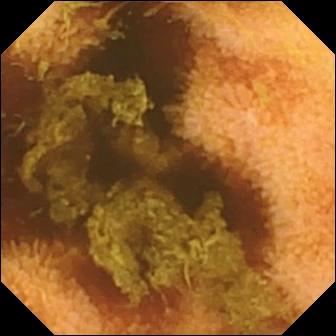Capsule endoscopy — normal clean mucosa.